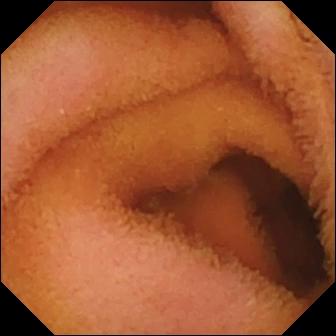Normal clean mucosa — small-bowel capsule endoscopy frame of the small bowel.